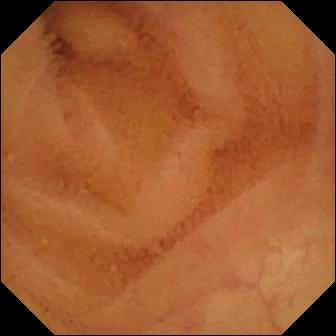This VCE image of the small intestine shows normal clean mucosa.